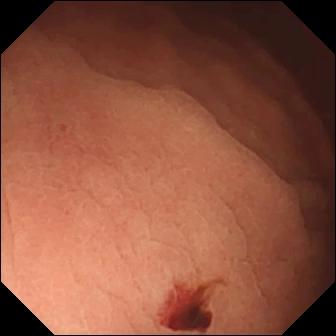{"modality": "video capsule endoscopy", "finding": "angiectasia"}